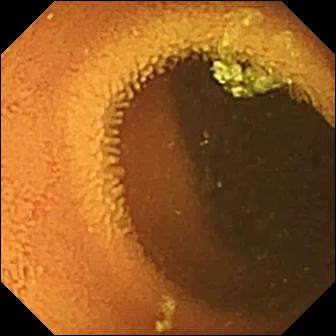Wireless capsule endoscopy snapshot of the small intestine showing normal clean mucosa.